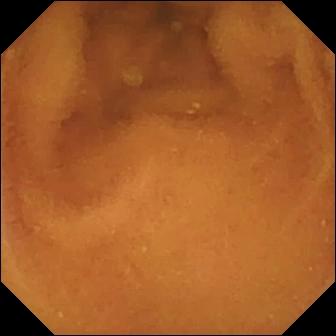Normal clean mucosa (336×336).